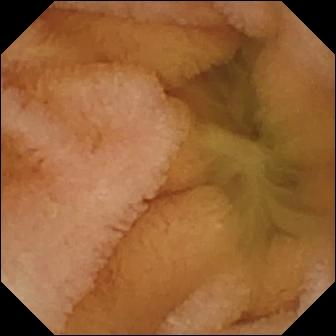WCE frame showing normal clean mucosa.